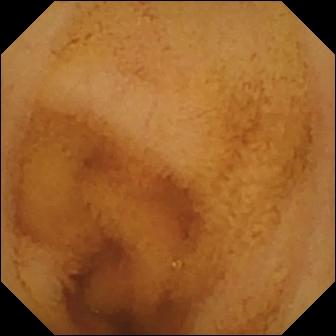PROCEDURE: Video capsule endoscopy.
SEGMENT: Small bowel.
FINDINGS: Normal clean mucosa.